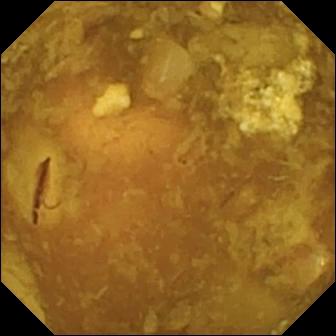Capsule endoscopy — reduced mucosal view (content or bubbles obscuring the mucosa).